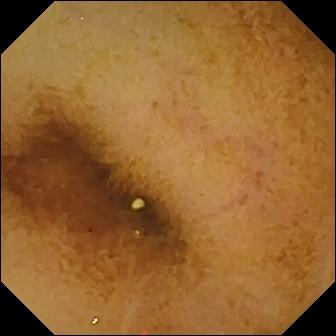Capsule endoscopy image, small bowel
Impression: normal clean mucosa